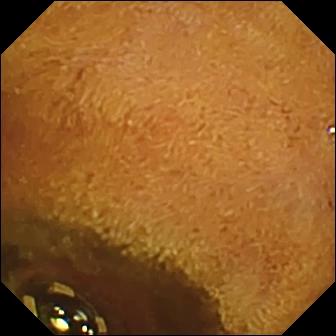Wireless capsule endoscopy snapshot showing foreign body (e.g. retained capsule, tablet residue).